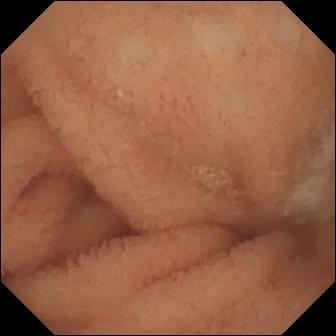WCE view
Finding: normal clean mucosa